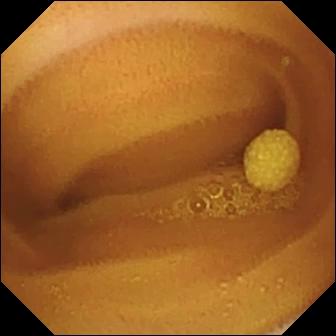- modality: video capsule endoscopy
- finding: lymphangiectasia